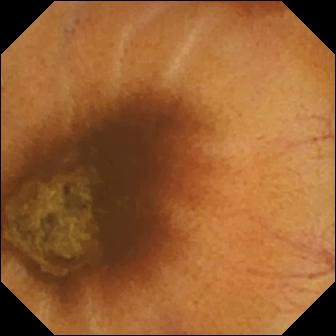modality: WCE; segment: small bowel; label: normal clean mucosa